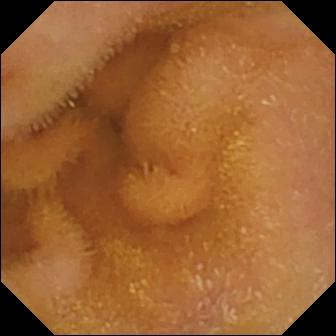This VCE still of the small bowel shows normal clean mucosa.